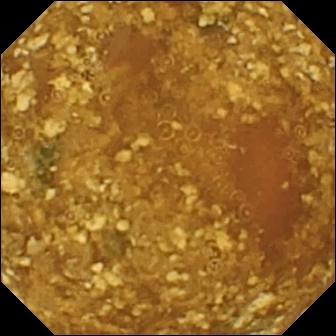WCE view of the small bowel showing reduced mucosal view (content or bubbles obscuring the mucosa).